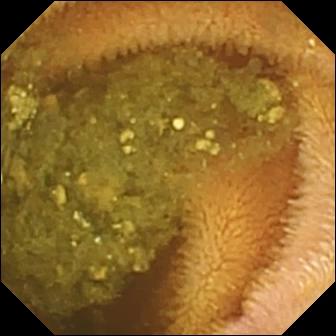Capsule endoscopy — reduced mucosal view (content or bubbles obscuring the mucosa).